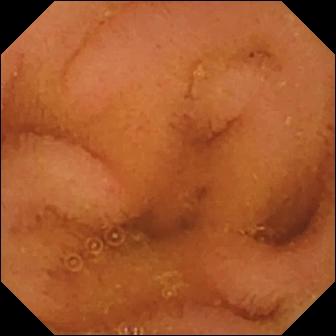modality: video capsule endoscopy | segment: small intestine | observation: normal clean mucosa